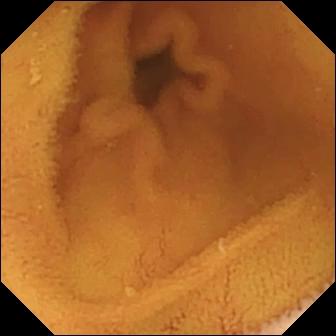Normal clean mucosa — VCE still.